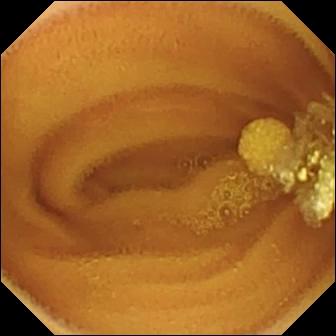{"modality": "wireless capsule endoscopy", "category": "luminal finding", "finding": "lymphangiectasia"}